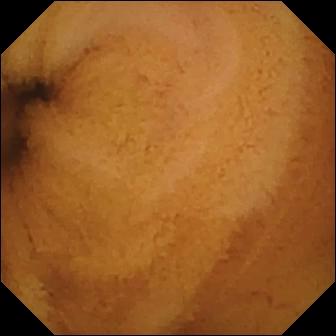modality: VCE | segment: small bowel | observation: normal clean mucosa